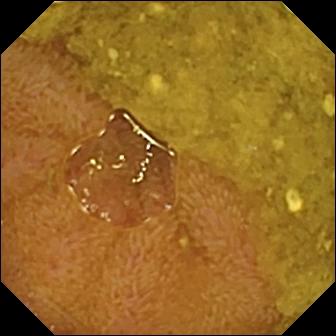- modality: video capsule endoscopy
- label: ileo-cecal valve region (where the capsule passes from the small bowel into the large bowel)